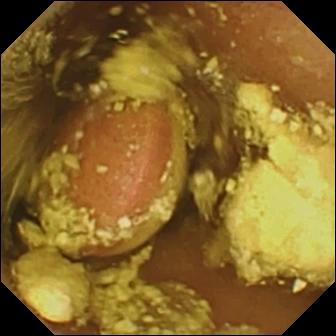Video capsule endoscopy frame. Foreign body (e.g. retained capsule, tablet residue).